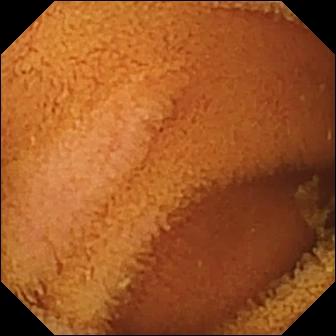This capsule endoscopy still of the small bowel shows normal clean mucosa.